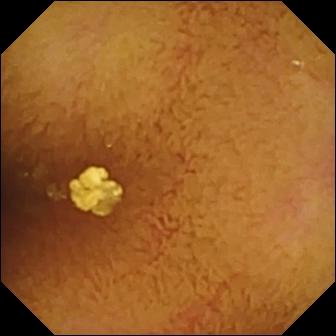Capsule endoscopy still showing normal clean mucosa.